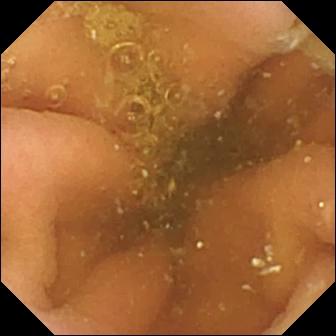Wireless capsule endoscopy image
Label: pylorus region (where the capsule passes from the stomach into the small bowel)